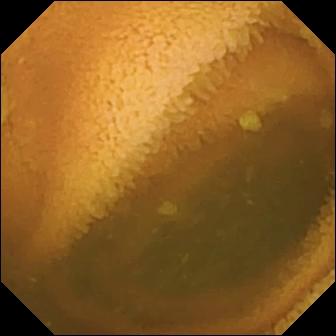PROCEDURE: Video capsule endoscopy.
FINDINGS: Normal clean mucosa.